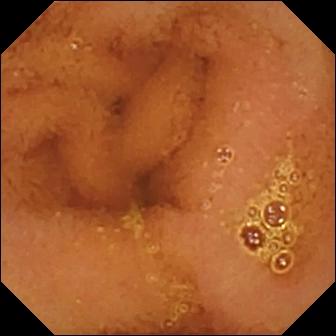WCE. Label: normal clean mucosa.